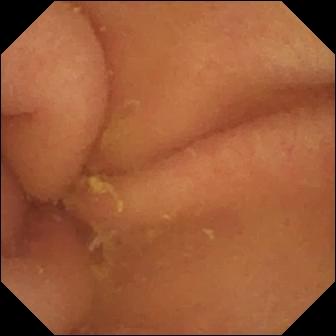This wireless capsule endoscopy still was taken in the pylorus region.